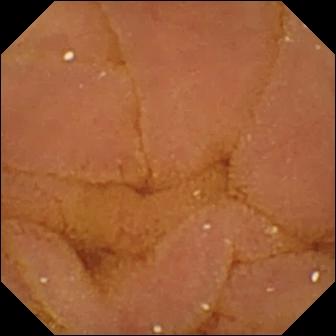{"modality": "small-bowel capsule endoscopy", "category": "luminal finding", "finding": "normal clean mucosa"}